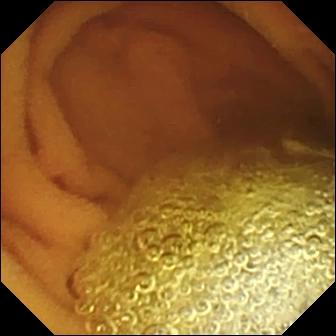VCE — normal clean mucosa.